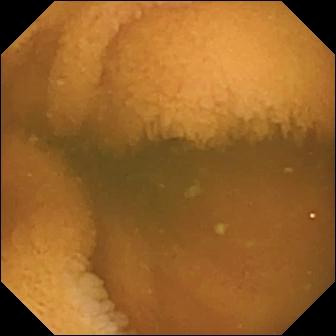VCE snapshot (small bowel). Normal clean mucosa.